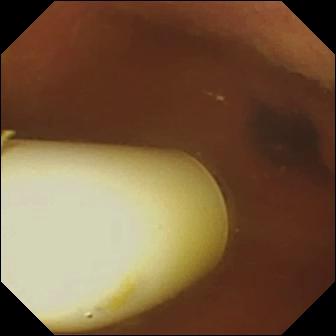- modality: VCE
- observation: foreign body (e.g. retained capsule, tablet residue)